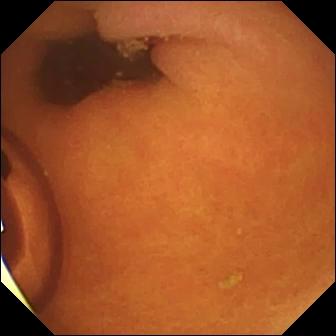VCE — foreign body (e.g. retained capsule, tablet residue).